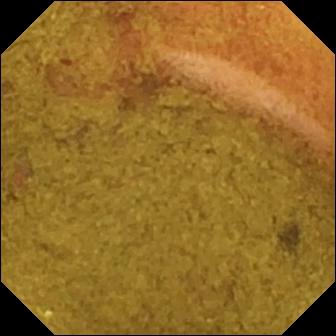{"modality": "capsule endoscopy", "category": "anatomical landmark", "label": "ileo-cecal valve region (the transition from the small bowel to the large bowel)"}